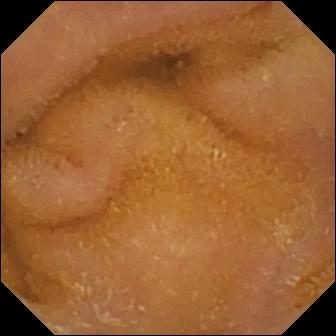This wireless capsule endoscopy snapshot shows normal clean mucosa.